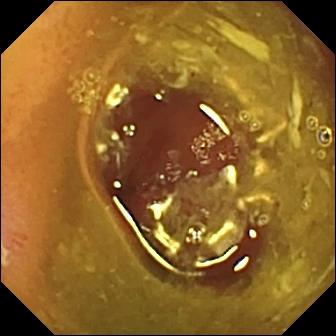This small-bowel capsule endoscopy image shows ulcer.